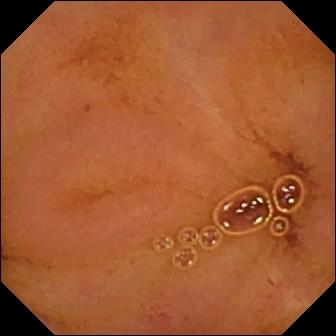modality: video capsule endoscopy; segment: small intestine; label: normal clean mucosa